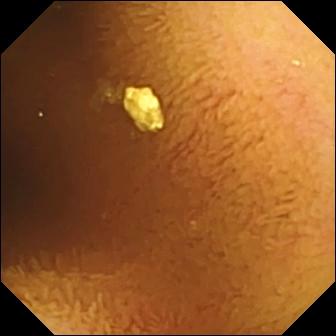This capsule endoscopy still shows normal clean mucosa.